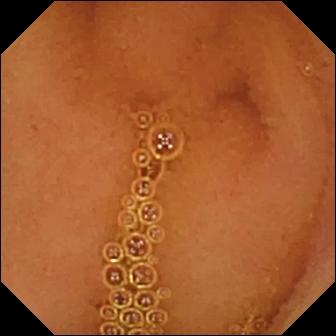Video capsule endoscopy view showing normal clean mucosa.